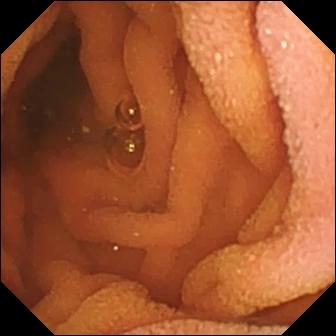Capsule endoscopy snapshot (small bowel), 336×336. Normal clean mucosa.